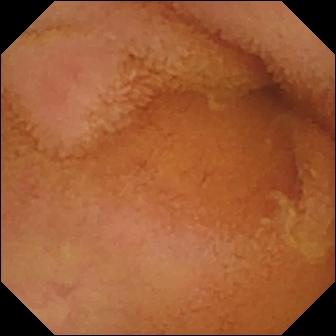Small-bowel capsule endoscopy still, small bowel
Impression: normal clean mucosa